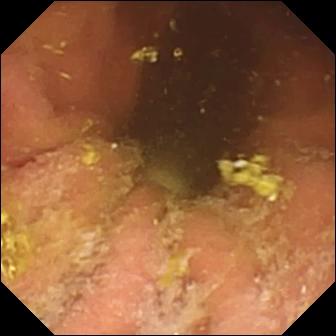{"modality": "capsule endoscopy", "category": "luminal finding", "finding": "foreign body (e.g. retained capsule, tablet residue)"}